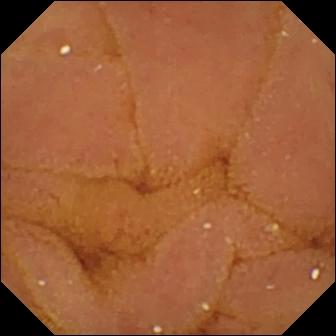Small-bowel capsule endoscopy still, small intestine
Impression: normal clean mucosa